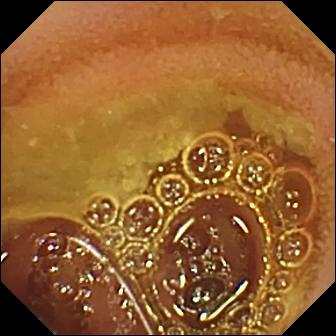Normal clean mucosa.